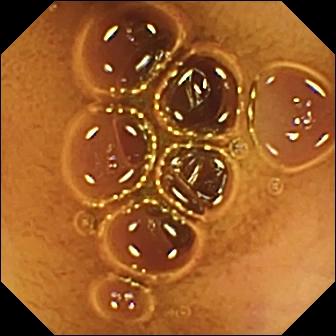Wireless capsule endoscopy. Label: normal clean mucosa.